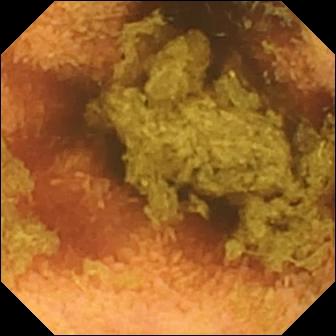{"modality": "WCE", "segment": "small bowel", "finding": "normal clean mucosa"}